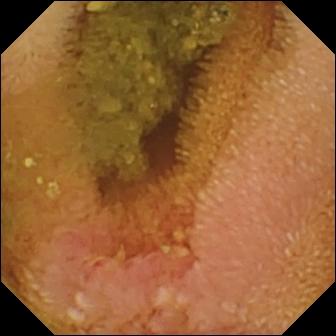Capsule endoscopy — erosion.